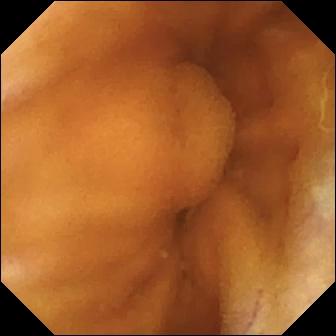Wireless capsule endoscopy snapshot. Normal clean mucosa.